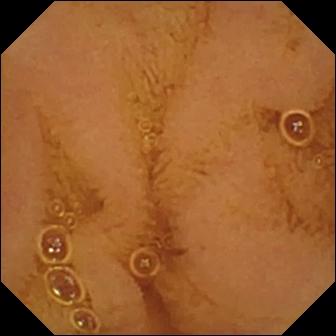Small-bowel capsule endoscopy image (small intestine). Normal clean mucosa.